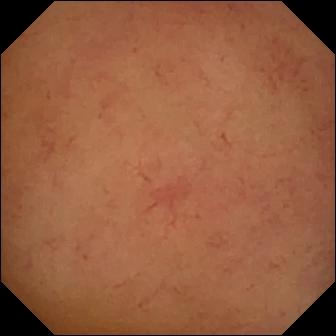{"modality": "VCE", "segment": "small intestine", "finding": "normal clean mucosa"}